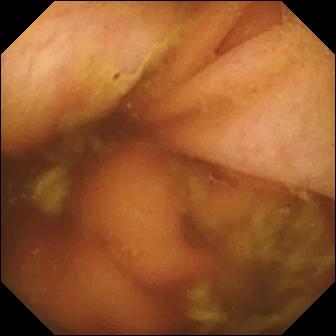Ileo-cecal valve region — VCE image.